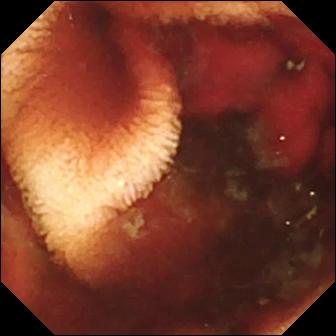This small-bowel capsule endoscopy still shows fresh blood in the lumen.